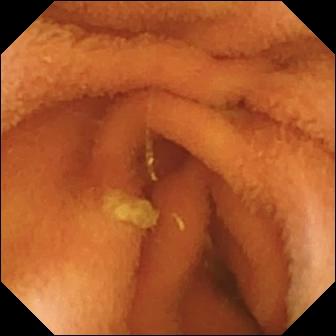Normal clean mucosa — VCE image of the small bowel.